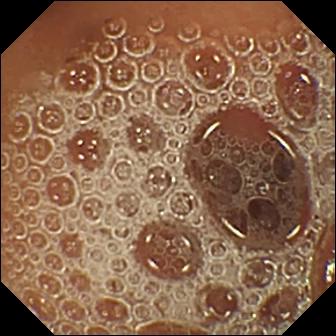WCE snapshot
Impression: normal clean mucosa